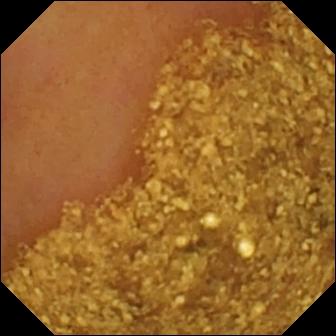Capsule endoscopy. Near an anatomical landmark. Position: ileo-cecal valve region (where the capsule passes from the small bowel into the large bowel).